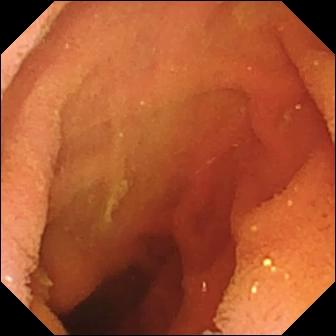PROCEDURE: WCE.
LABEL: Pylorus region (where the capsule passes from the stomach into the small bowel).